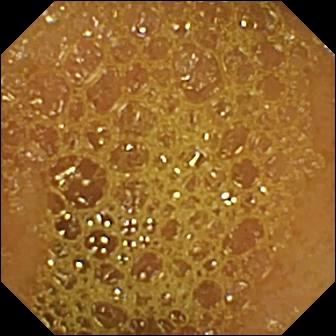PROCEDURE: Capsule endoscopy.
POSITION: Ileo-cecal valve region (the transition from the small bowel to the large bowel).